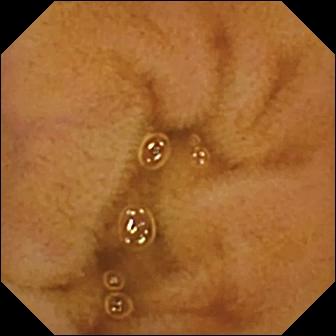VCE — normal clean mucosa.